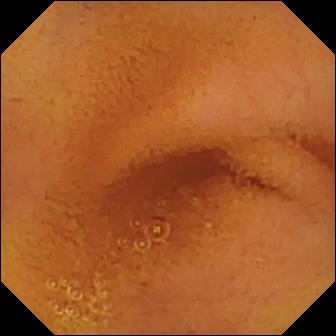Small-bowel capsule endoscopy — normal clean mucosa.